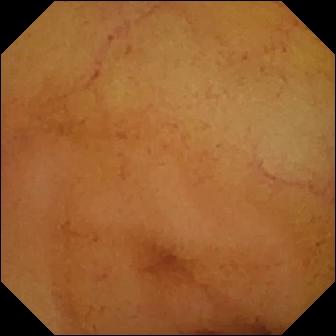modality: video capsule endoscopy | segment: small intestine | observation: normal clean mucosa